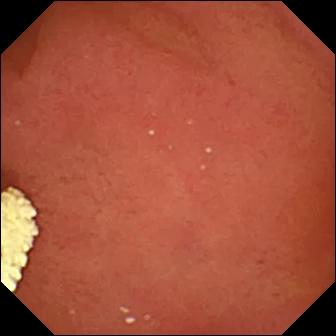Capsule endoscopy — pylorus region.